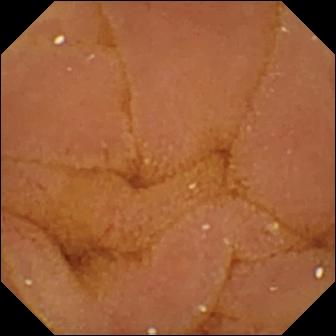VCE — normal clean mucosa.